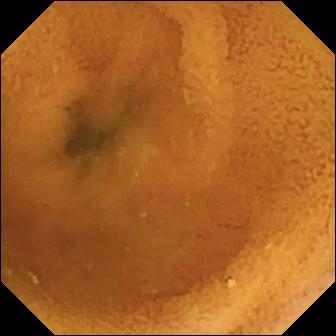- modality: WCE
- segment: small intestine
- category: luminal finding
- label: normal clean mucosa